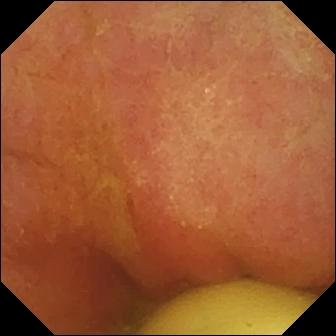- modality: video capsule endoscopy
- finding: foreign body (e.g. retained capsule, tablet residue)